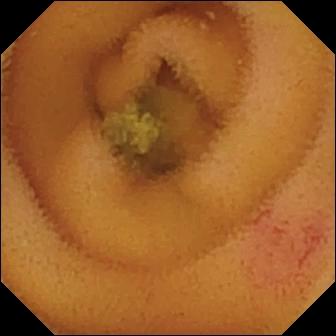modality: small-bowel capsule endoscopy | finding: angiectasia